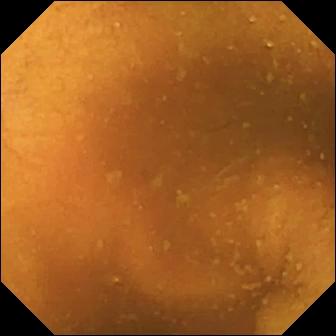{"modality": "wireless capsule endoscopy", "segment": "small intestine", "finding": "normal clean mucosa"}